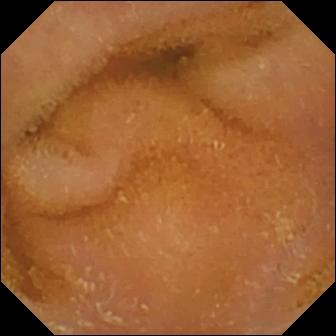PROCEDURE: Capsule endoscopy.
FINDINGS: Normal clean mucosa.